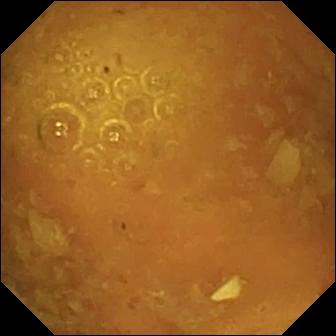Small-bowel capsule endoscopy — reduced mucosal view (content or bubbles obscuring the mucosa).